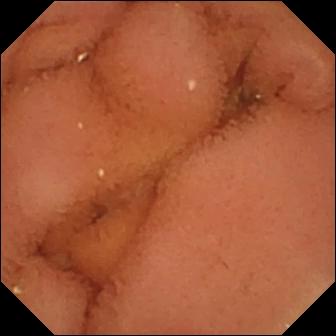{"modality": "small-bowel capsule endoscopy", "finding": "normal clean mucosa"}